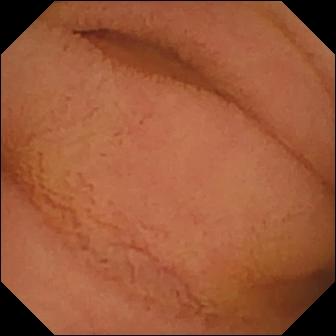PROCEDURE: Small-bowel capsule endoscopy.
FINDINGS: Normal clean mucosa.